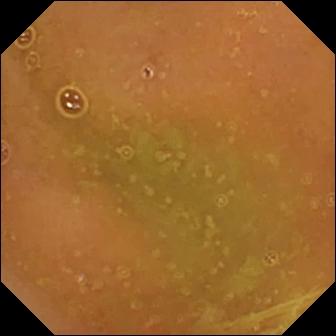Q: What does this small-bowel capsule endoscopy still show?
A: Normal clean mucosa.